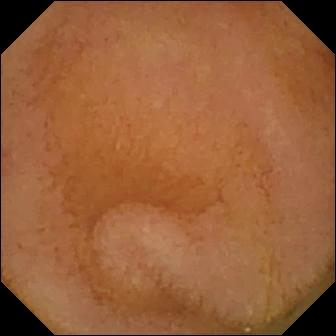Q: What does this wireless capsule endoscopy still of the small bowel show?
A: Normal clean mucosa.